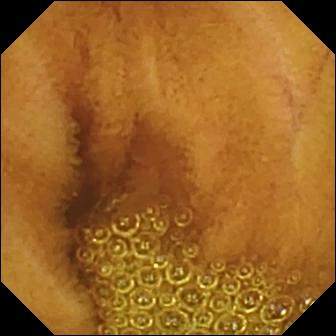Capsule endoscopy snapshot of the small intestine showing normal clean mucosa.